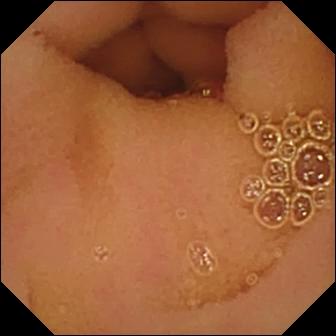Normal clean mucosa — small-bowel capsule endoscopy view of the small intestine.